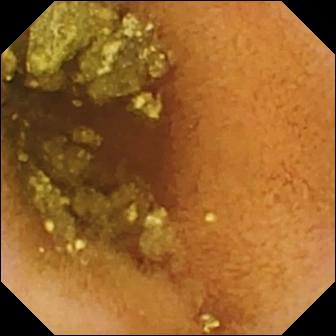Normal clean mucosa — WCE image.